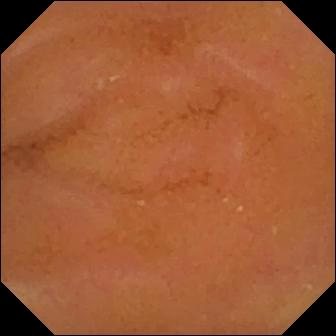Normal clean mucosa — WCE image of the small bowel.